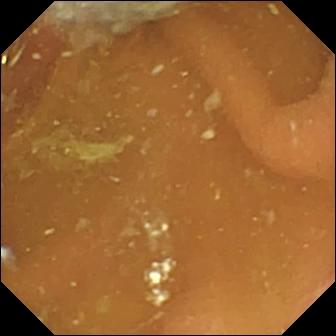WCE — pylorus region (where the capsule passes from the stomach into the small bowel).